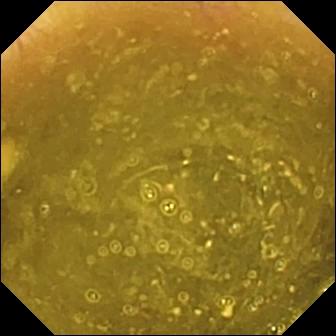Small-bowel capsule endoscopy image
Label: ileo-cecal valve region (where the capsule passes from the small bowel into the large bowel)